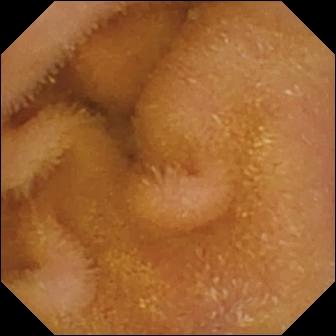Small-bowel capsule endoscopy. Luminal finding. Finding: normal clean mucosa.